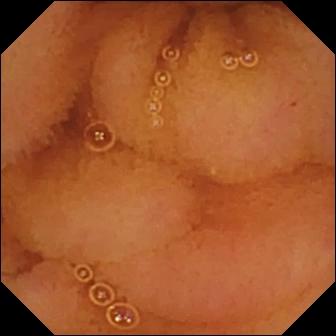Video capsule endoscopy frame. Normal clean mucosa.